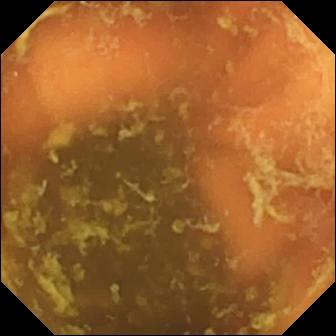VCE snapshot. Taken in the ileo-cecal valve region (where the capsule passes from the small bowel into the large bowel).